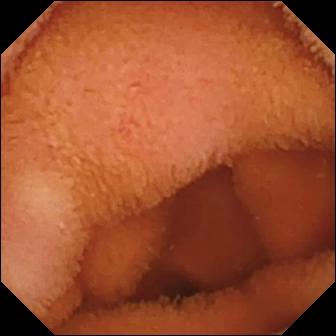Normal clean mucosa — small-bowel capsule endoscopy still of the small intestine.